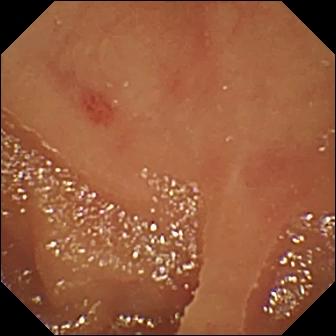{"modality": "VCE", "category": "luminal finding", "finding": "angiectasia"}